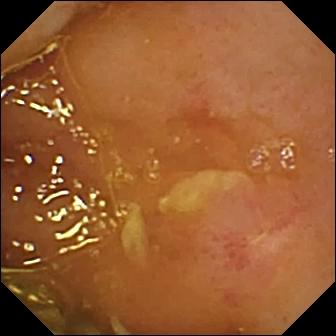Wireless capsule endoscopy view showing ulcer.